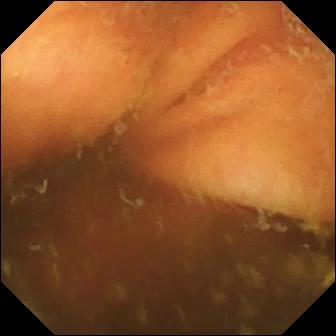Ileo-cecal valve region (where the capsule passes from the small bowel into the large bowel).